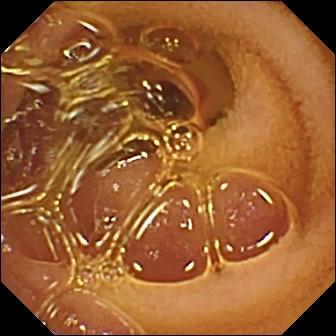Small-bowel capsule endoscopy — normal clean mucosa.